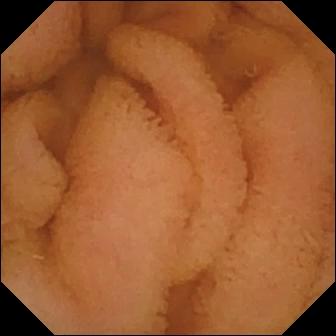Normal clean mucosa.